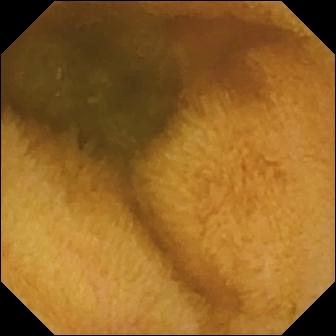Normal clean mucosa — wireless capsule endoscopy view of the small intestine.